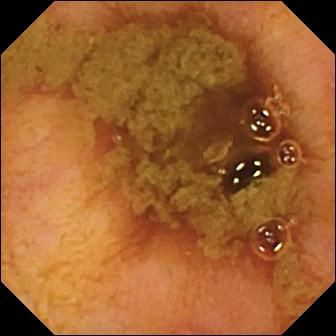modality: small-bowel capsule endoscopy; category: anatomical landmark; label: ileo-cecal valve region (the transition from the small bowel to the large bowel)